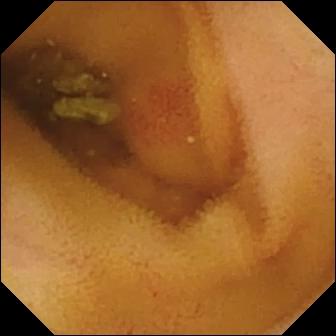PROCEDURE: Capsule endoscopy.
FINDINGS: Angiectasia.